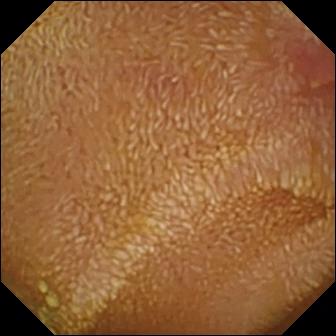- modality: WCE
- observation: erosion